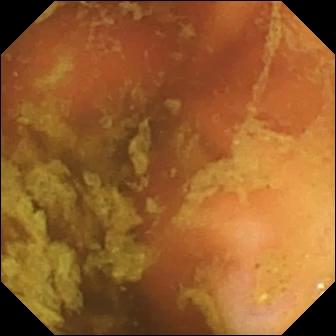Small-bowel capsule endoscopy still taken in the ileo-cecal valve region.